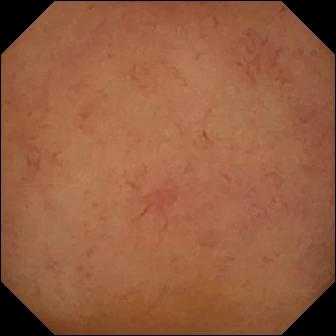This capsule endoscopy still of the small intestine shows normal clean mucosa.